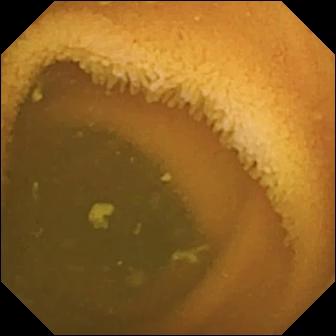Small-bowel capsule endoscopy. Observation: normal clean mucosa.